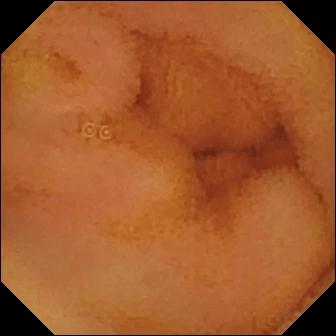Q: What does this wireless capsule endoscopy image show?
A: Normal clean mucosa.